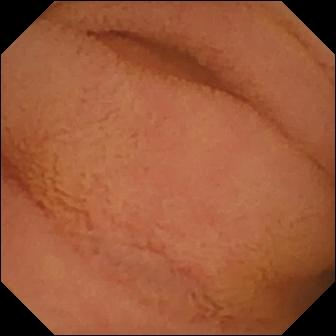modality: VCE
category: luminal finding
observation: normal clean mucosa